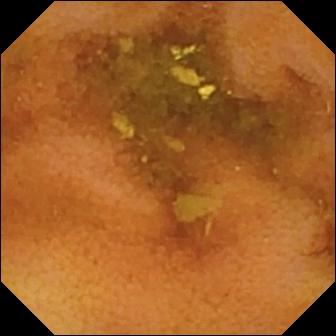modality: small-bowel capsule endoscopy | segment: small intestine | label: normal clean mucosa